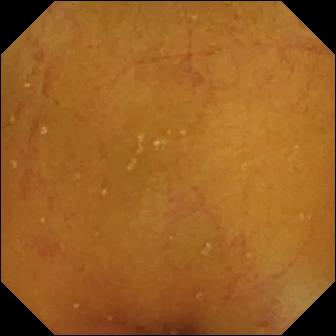VCE still, 336×336. Normal clean mucosa.